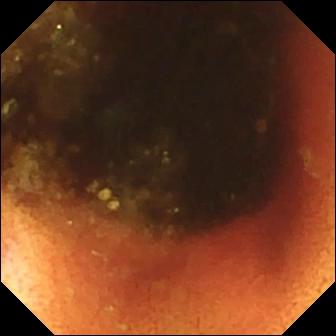WCE — ileo-cecal valve region (where the capsule passes from the small bowel into the large bowel).